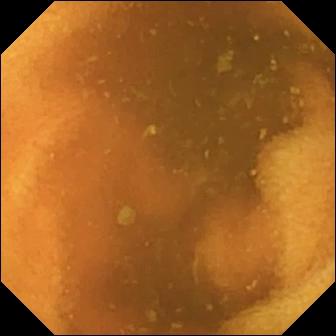Small-bowel capsule endoscopy snapshot
Impression: normal clean mucosa